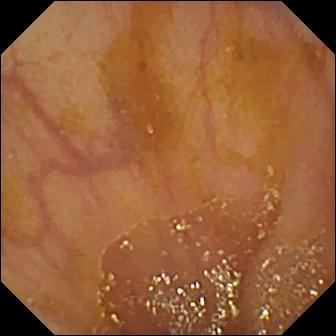Capsule endoscopy. Position: ileo-cecal valve region (the transition from the small bowel to the large bowel).